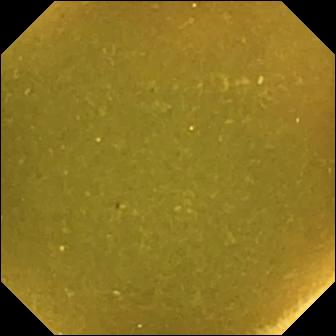Small-bowel capsule endoscopy image
Video segment: ileo-cecal valve region (where the capsule passes from the small bowel into the large bowel)